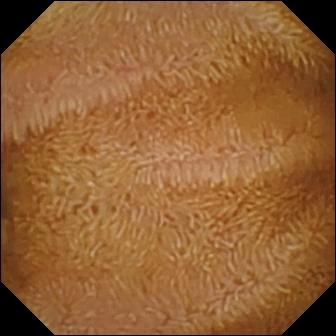- modality: wireless capsule endoscopy
- segment: small intestine
- impression: normal clean mucosa